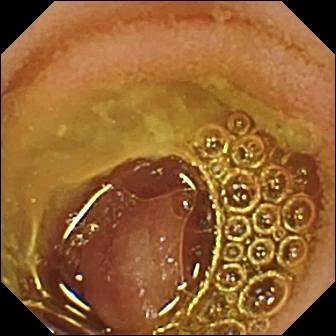PROCEDURE: Video capsule endoscopy.
FINDINGS: Normal clean mucosa.